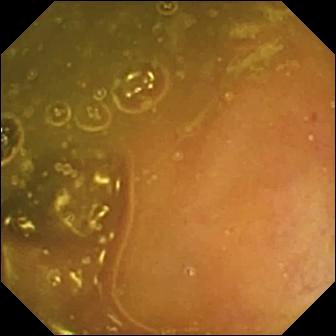WCE. Video segment: ileo-cecal valve region (where the capsule passes from the small bowel into the large bowel).